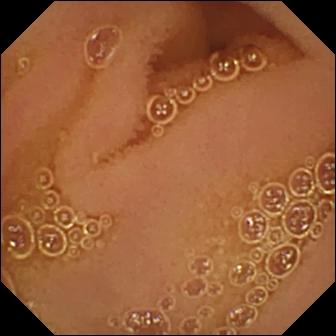- modality: small-bowel capsule endoscopy
- label: normal clean mucosa